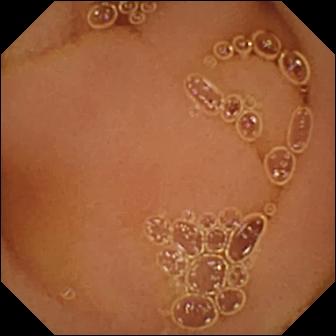modality: VCE; category: luminal finding; observation: normal clean mucosa